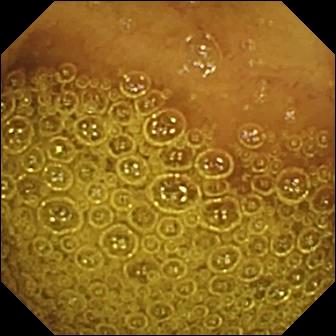{"modality": "WCE", "segment": "small bowel", "finding": "normal clean mucosa"}